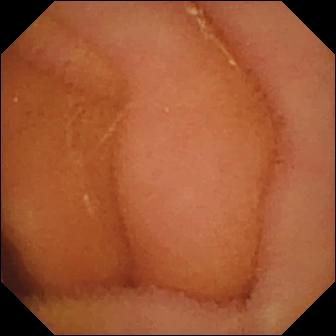- modality: small-bowel capsule endoscopy
- category: luminal finding
- impression: normal clean mucosa